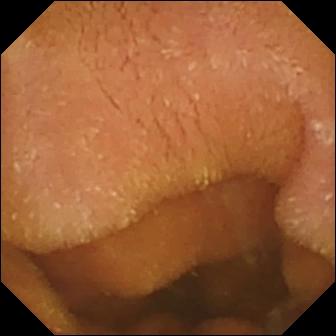{"modality": "capsule endoscopy", "finding": "normal clean mucosa"}